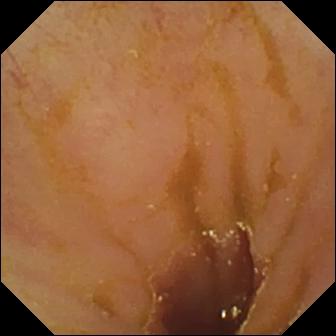Ileo-cecal valve region (where the capsule passes from the small bowel into the large bowel).